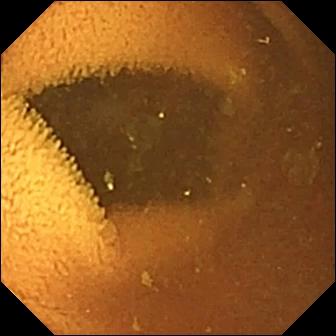Small-bowel capsule endoscopy — normal clean mucosa.